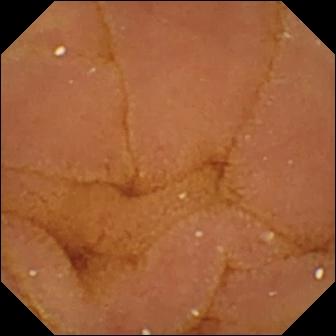- modality: WCE
- label: normal clean mucosa